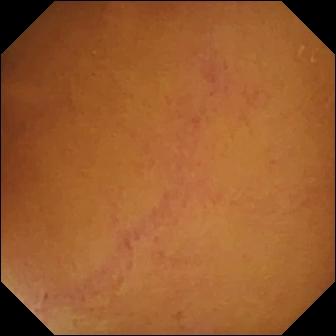Small-bowel capsule endoscopy. Luminal finding. Finding: normal clean mucosa.